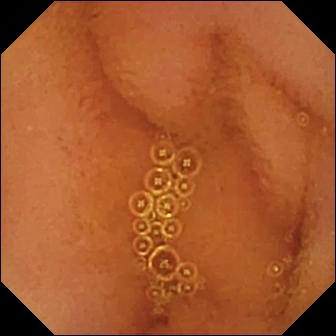{"modality": "WCE", "segment": "small intestine", "finding": "normal clean mucosa"}